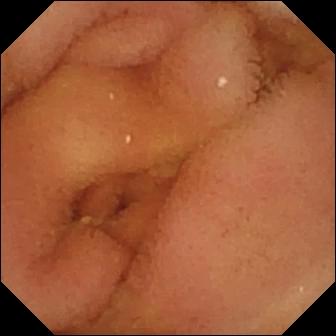{"modality": "video capsule endoscopy", "segment": "small intestine", "finding": "normal clean mucosa"}